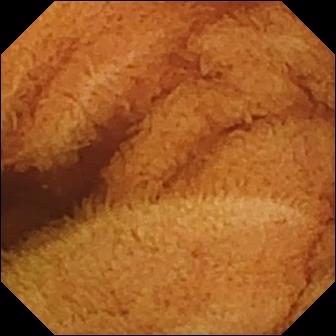modality: capsule endoscopy; segment: small intestine; observation: normal clean mucosa